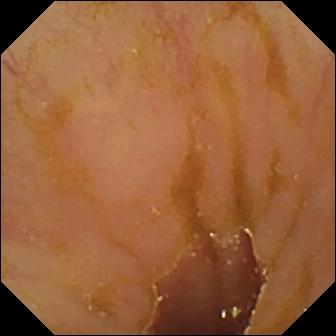Ileo-cecal valve region.